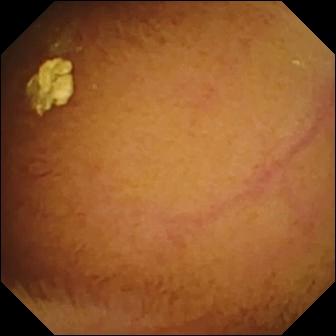Small-bowel capsule endoscopy still
Label: normal clean mucosa